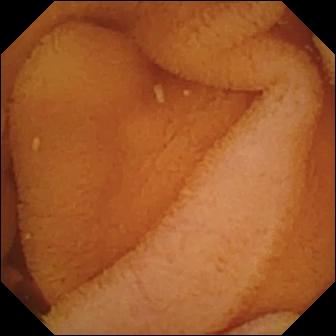WCE. Luminal finding. Observation: normal clean mucosa.